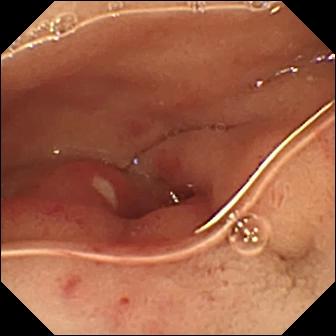WCE still showing ulcer.